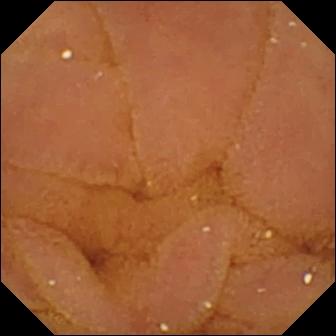This video capsule endoscopy still of the small bowel shows normal clean mucosa.